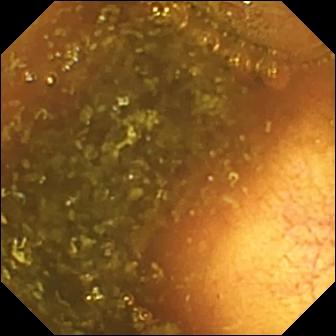WCE frame taken in the ileo-cecal valve region (the transition from the small bowel to the large bowel).